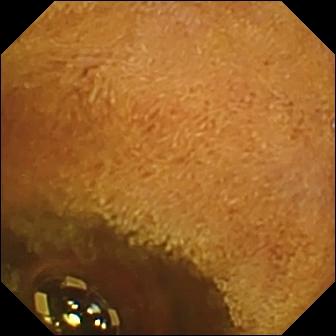WCE view, 336×336. Foreign body (e.g. retained capsule, tablet residue).